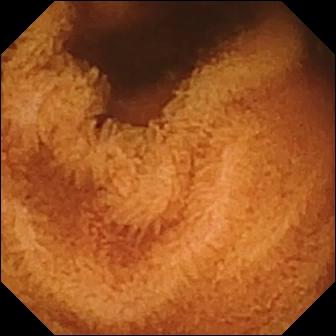Normal clean mucosa — capsule endoscopy still of the small bowel.